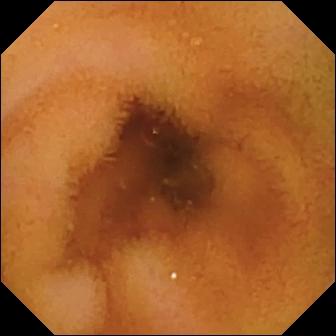Wireless capsule endoscopy still (small bowel). Normal clean mucosa.